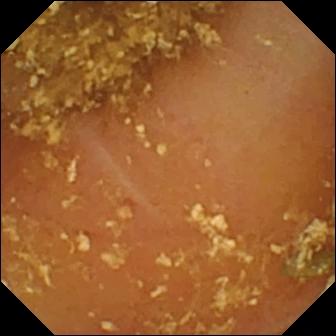Small-bowel capsule endoscopy view, small intestine
Impression: reduced mucosal view (content or bubbles obscuring the mucosa)